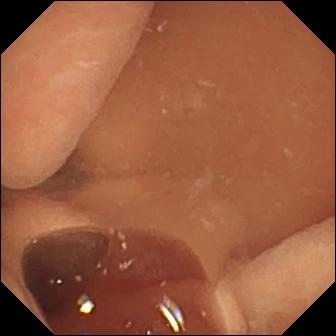Wireless capsule endoscopy frame
Finding: normal clean mucosa